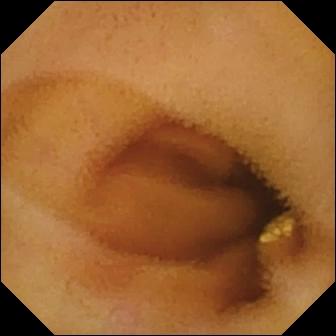Lymphangiectasia (336×336).